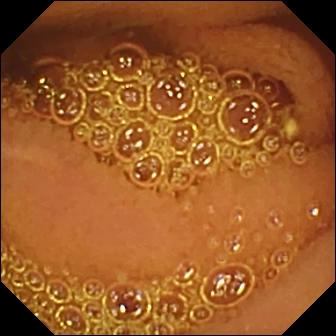WCE still, small bowel
Label: normal clean mucosa